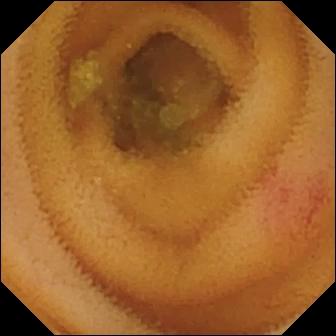Angiectasia (336×336).